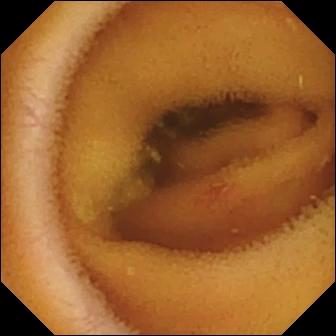Angiectasia — WCE view.